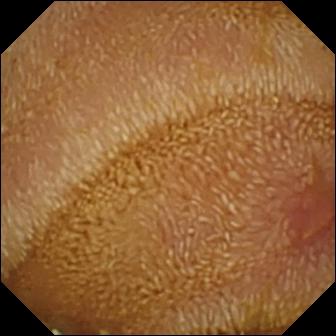Erosion — VCE view.